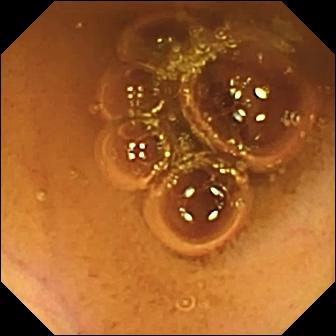WCE image showing normal clean mucosa.